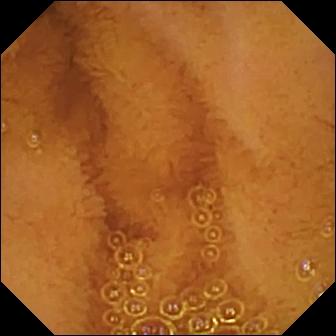VCE view showing normal clean mucosa.